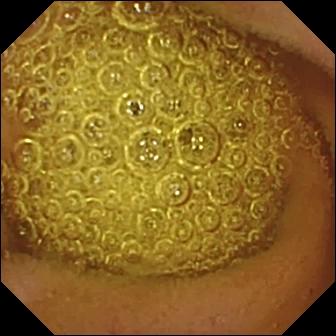{"modality": "WCE", "finding": "normal clean mucosa"}